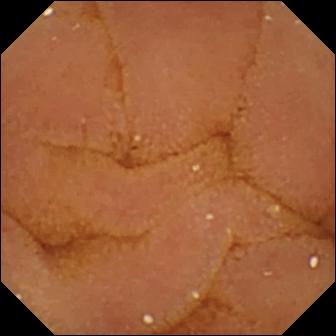- modality: WCE
- label: normal clean mucosa